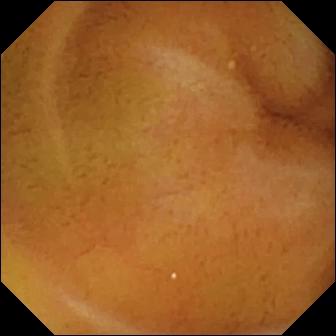WCE view showing normal clean mucosa.